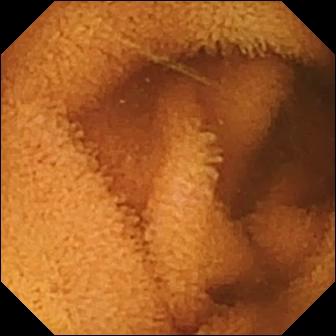PROCEDURE: Small-bowel capsule endoscopy.
FINDINGS: Normal clean mucosa.